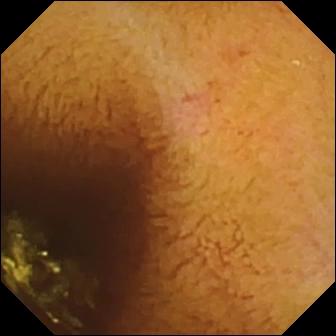{"modality": "small-bowel capsule endoscopy", "segment": "small bowel", "finding": "normal clean mucosa"}